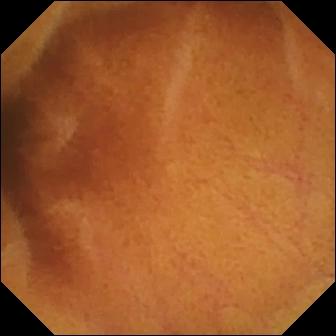PROCEDURE: WCE.
SEGMENT: Small intestine.
FINDINGS: Normal clean mucosa.